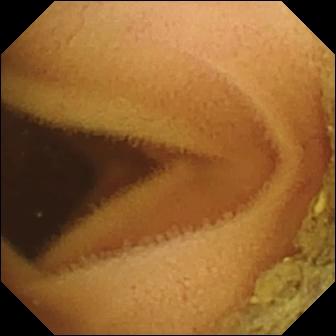PROCEDURE: Wireless capsule endoscopy.
SEGMENT: Small bowel.
FINDINGS: Normal clean mucosa.